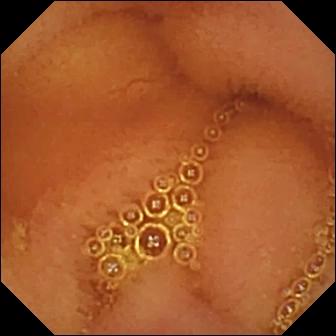Normal clean mucosa.